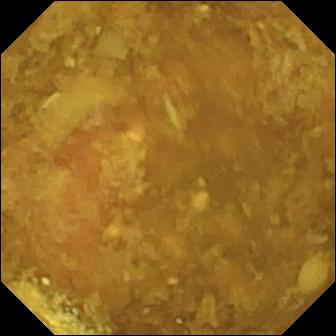PROCEDURE: WCE.
FINDINGS: Reduced mucosal view (content or bubbles obscuring the mucosa).